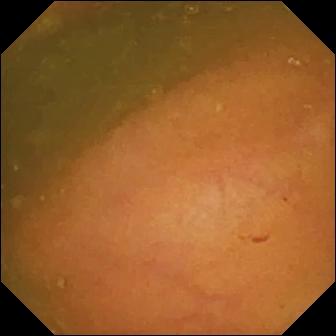This capsule endoscopy snapshot was taken in the ileo-cecal valve region (where the capsule passes from the small bowel into the large bowel).